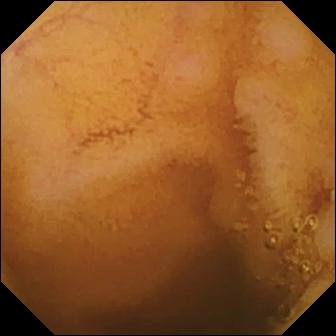- modality: WCE
- finding: normal clean mucosa